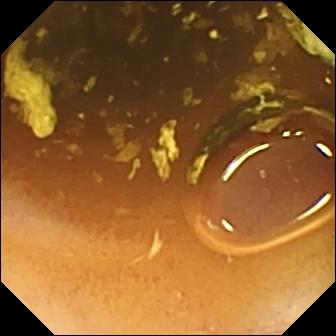Wireless capsule endoscopy. Small intestine. Observation: normal clean mucosa.